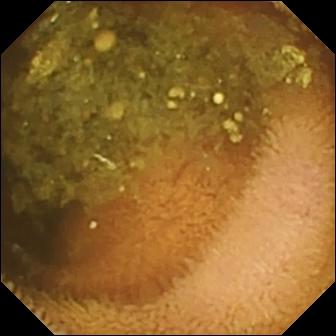Reduced mucosal view (content or bubbles obscuring the mucosa) — capsule endoscopy snapshot of the small bowel.